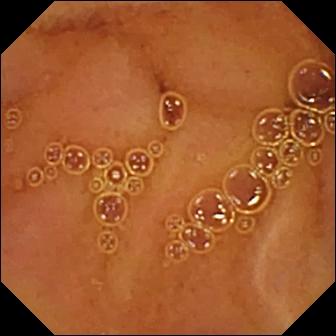Normal clean mucosa — wireless capsule endoscopy still of the small bowel.